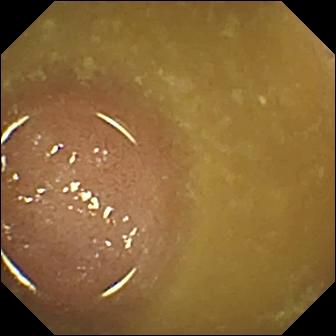Q: Where in the digestive tract was this wireless capsule endoscopy still taken?
A: Ileo-cecal valve region (the transition from the small bowel to the large bowel).